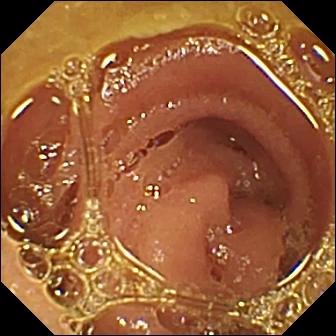{"modality": "capsule endoscopy", "segment": "small bowel", "category": "luminal finding", "finding": "normal clean mucosa"}